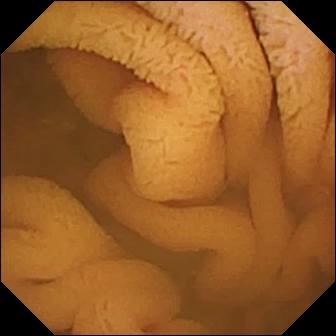- modality: VCE
- impression: normal clean mucosa